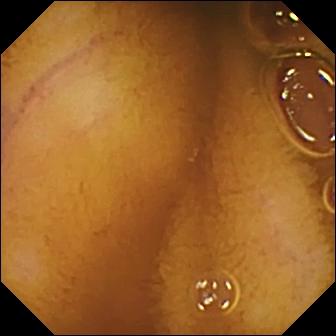This wireless capsule endoscopy image shows normal clean mucosa.